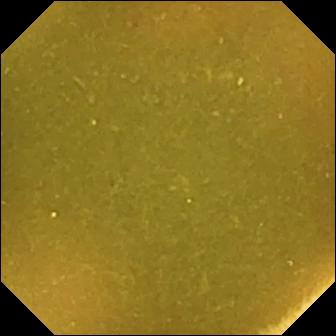{"modality": "video capsule endoscopy", "position": "ileo-cecal valve region"}